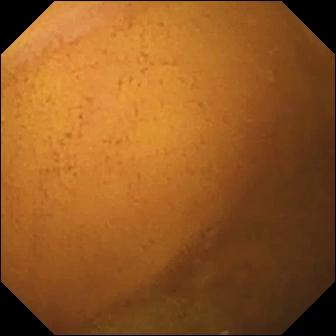- modality: WCE
- observation: normal clean mucosa